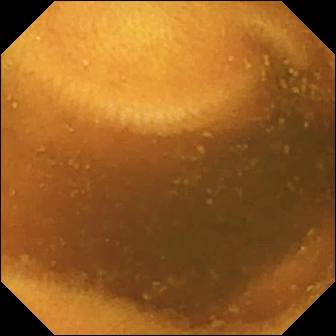- modality: WCE
- segment: small intestine
- observation: normal clean mucosa